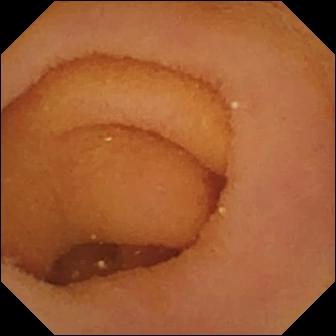Q: Where in the digestive tract was this WCE still taken?
A: Pylorus region (the junction between the stomach and the small bowel).